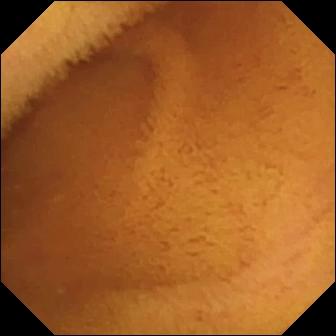- modality: WCE
- finding: normal clean mucosa